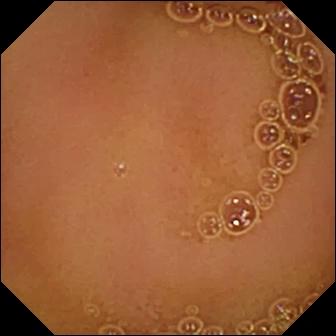Q: What does this VCE image of the small intestine show?
A: Normal clean mucosa.